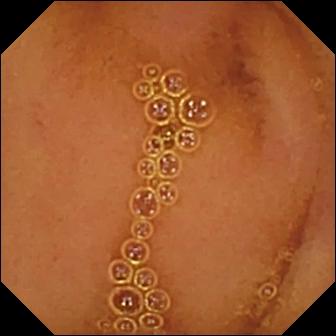Video capsule endoscopy snapshot, small intestine
Label: normal clean mucosa